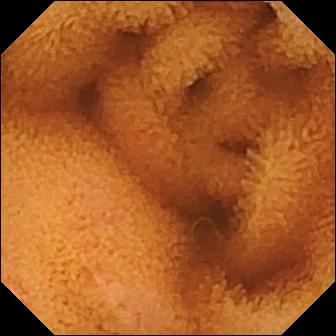Normal clean mucosa — wireless capsule endoscopy still of the small intestine.